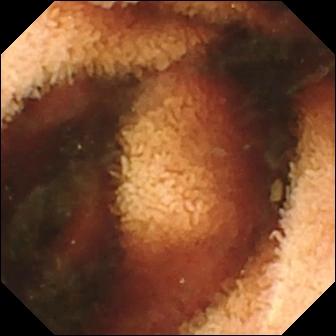{"modality": "video capsule endoscopy", "finding": "fresh blood in the lumen"}